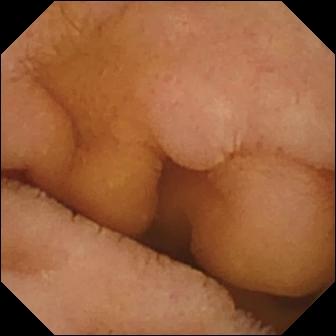{"modality": "video capsule endoscopy", "segment": "small intestine", "finding": "normal clean mucosa"}